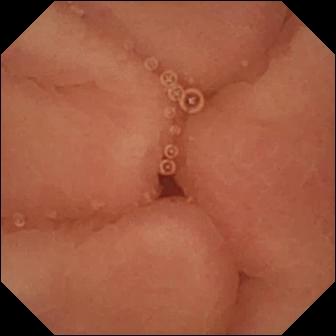Pylorus region (the junction between the stomach and the small bowel).